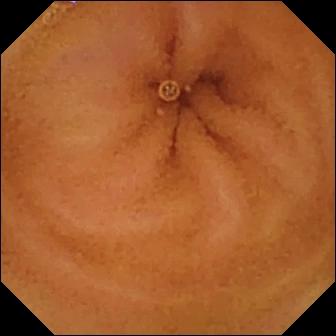Small-bowel capsule endoscopy snapshot
Observation: normal clean mucosa